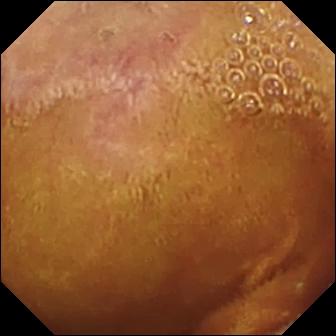Small-bowel capsule endoscopy snapshot showing normal clean mucosa.